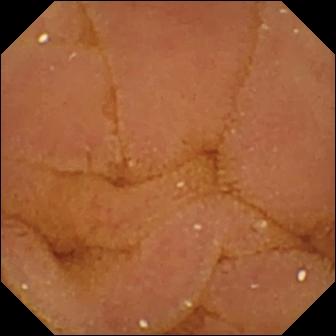Q: What does this WCE frame of the small bowel show?
A: Normal clean mucosa.